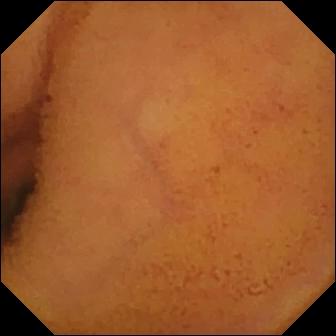{"modality": "video capsule endoscopy", "finding": "normal clean mucosa"}